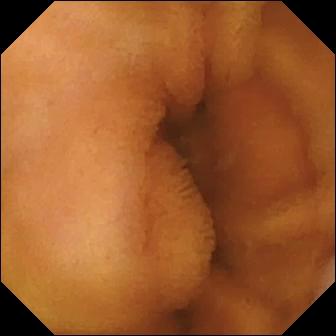Normal clean mucosa.